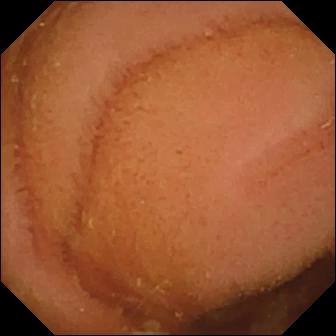VCE snapshot
Impression: normal clean mucosa